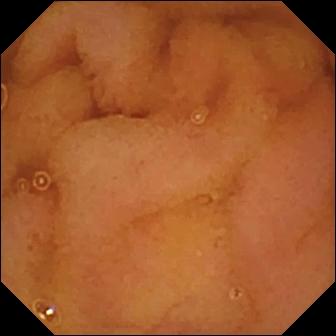Video capsule endoscopy image (small intestine). Normal clean mucosa.